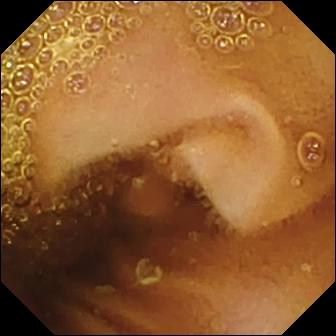{"modality": "VCE", "category": "luminal finding", "finding": "normal clean mucosa"}